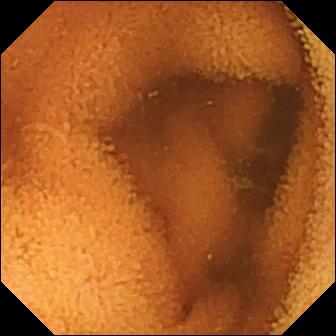Q: What does this small-bowel capsule endoscopy frame show?
A: Normal clean mucosa.